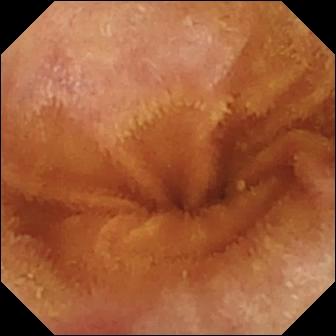Normal clean mucosa.